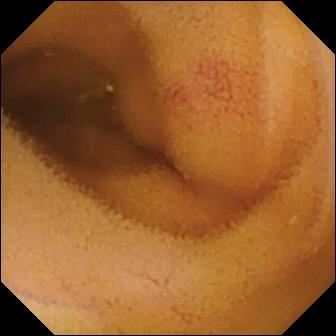Video capsule endoscopy frame
Observation: angiectasia